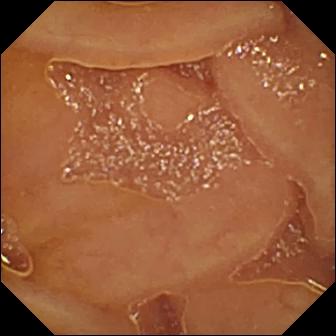VCE view, small bowel
Impression: normal clean mucosa